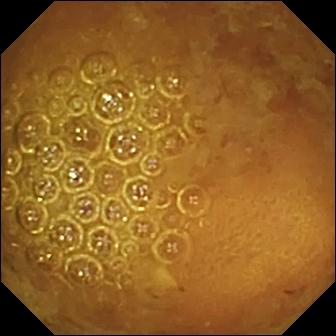Reduced mucosal view (content or bubbles obscuring the mucosa) — capsule endoscopy image of the small bowel.